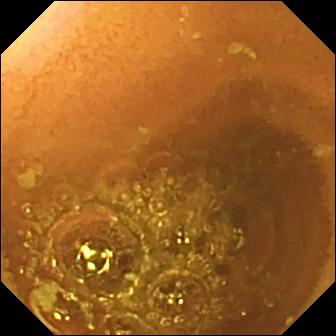modality: capsule endoscopy; segment: small bowel; impression: normal clean mucosa